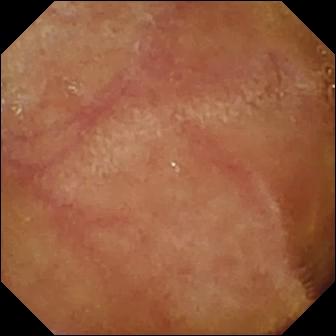WCE frame
Observation: normal clean mucosa